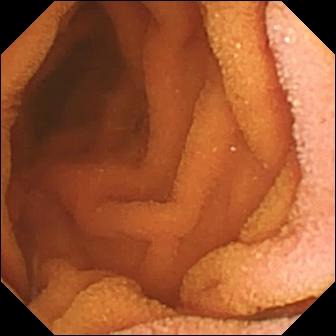This small-bowel capsule endoscopy image of the small intestine shows normal clean mucosa.